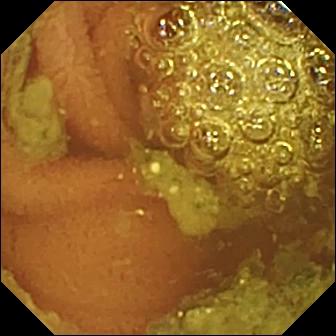Normal clean mucosa.